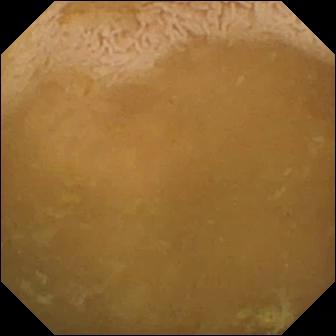VCE frame
Label: ileo-cecal valve region (the transition from the small bowel to the large bowel)